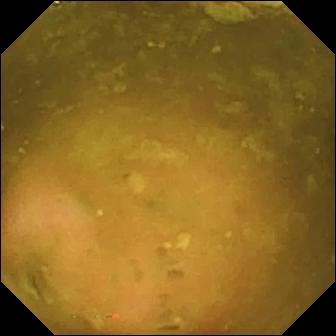VCE still, 336×336. Taken in the ileo-cecal valve region (the transition from the small bowel to the large bowel).